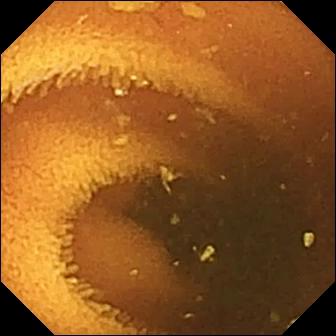WCE — normal clean mucosa.